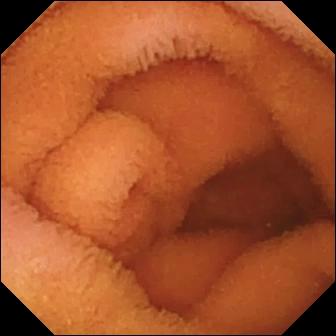This VCE snapshot of the small bowel shows normal clean mucosa.